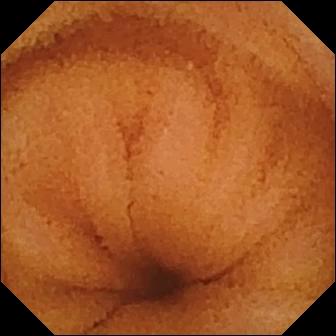Q: What does this VCE still show?
A: Normal clean mucosa.